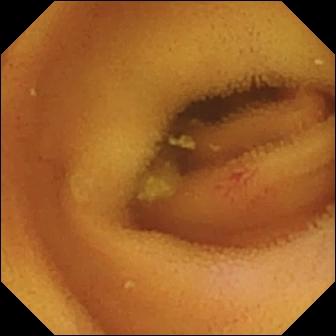Q: What does this VCE still show?
A: Angiectasia.